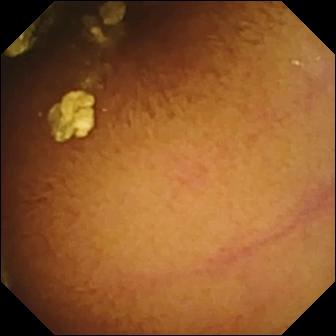modality: capsule endoscopy | category: luminal finding | label: normal clean mucosa